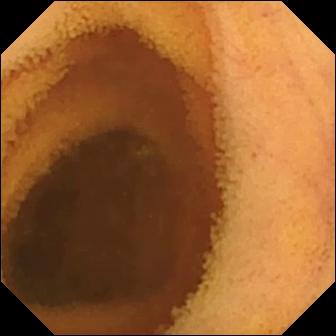Q: What does this WCE view show?
A: Normal clean mucosa.